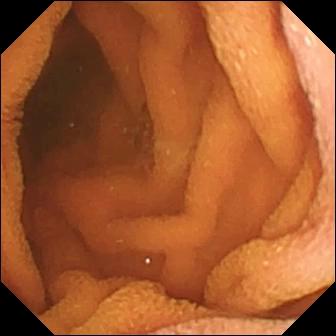This video capsule endoscopy still of the small intestine shows normal clean mucosa.